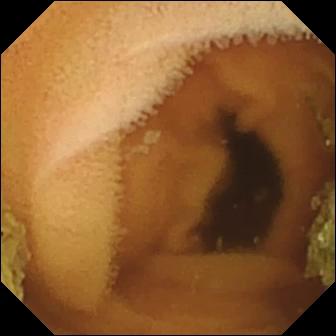Normal clean mucosa.